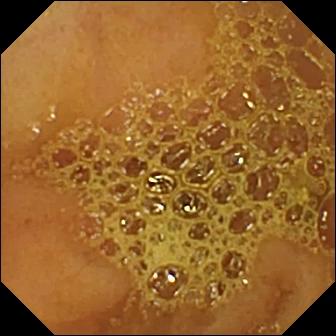PROCEDURE: VCE.
POSITION: Ileo-cecal valve region (where the capsule passes from the small bowel into the large bowel).